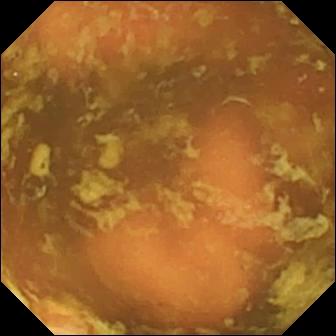Q: Where in the digestive tract was this capsule endoscopy image taken?
A: Ileo-cecal valve region (the transition from the small bowel to the large bowel).